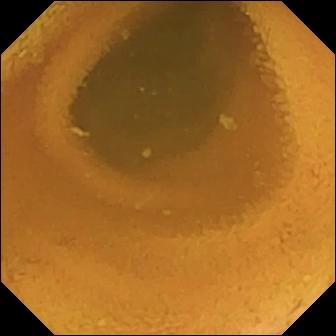WCE view (small bowel). Normal clean mucosa.